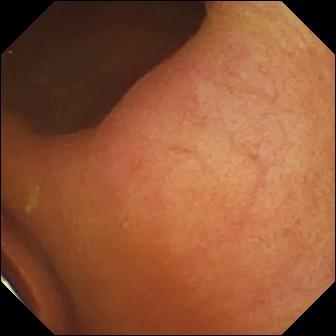Foreign body (e.g. retained capsule, tablet residue).